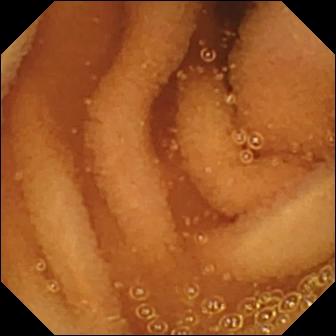PROCEDURE: Video capsule endoscopy.
FINDINGS: Normal clean mucosa.